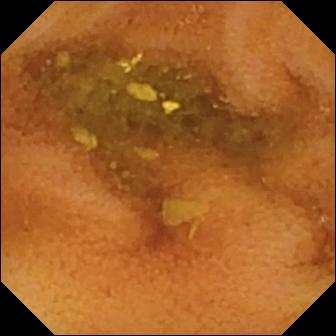Small-bowel capsule endoscopy frame of the small intestine showing normal clean mucosa.